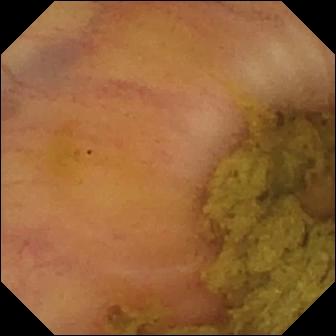This capsule endoscopy still was taken in the ileo-cecal valve region.